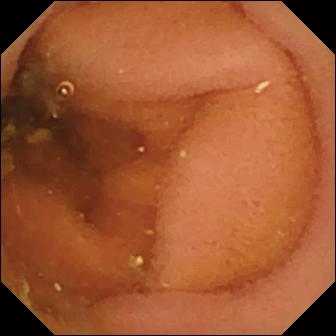Normal clean mucosa — small-bowel capsule endoscopy still of the small intestine.